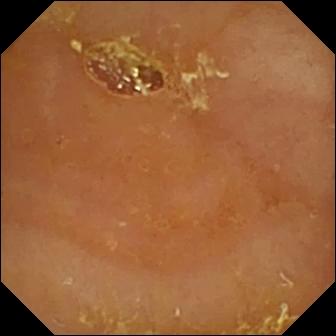PROCEDURE: Video capsule endoscopy.
FINDINGS: Reduced mucosal view (content or bubbles obscuring the mucosa).